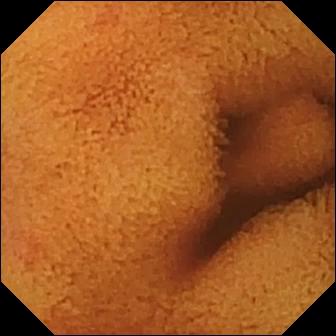Wireless capsule endoscopy snapshot, small intestine
Label: normal clean mucosa